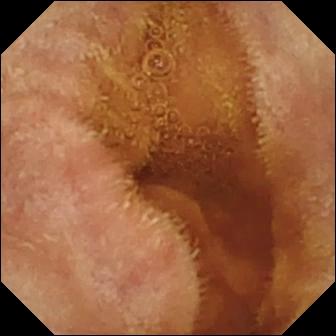{"modality": "WCE", "category": "luminal finding", "finding": "normal clean mucosa"}